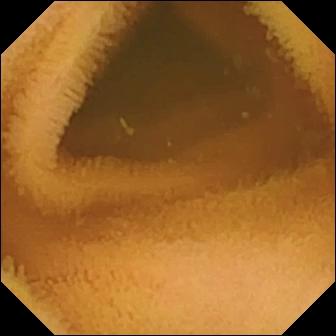WCE still, small intestine
Impression: normal clean mucosa